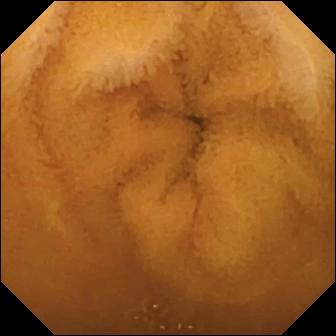Capsule endoscopy — normal clean mucosa.